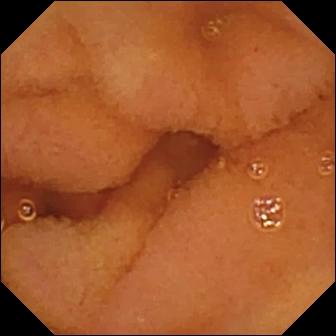Wireless capsule endoscopy snapshot showing normal clean mucosa.